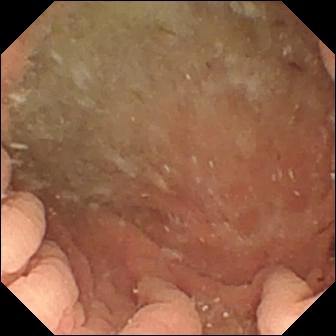This WCE still shows angiectasia.